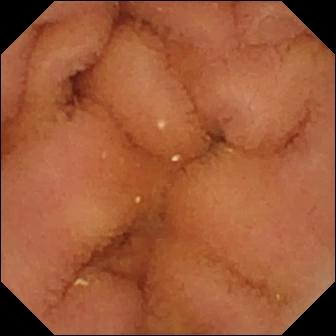Normal clean mucosa.